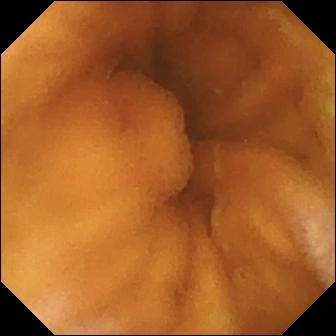modality: small-bowel capsule endoscopy
label: normal clean mucosa